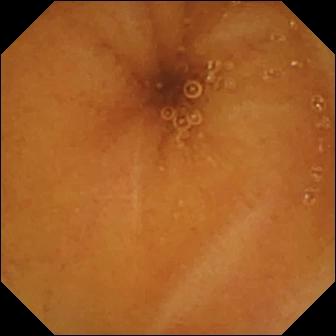modality: small-bowel capsule endoscopy
category: luminal finding
finding: normal clean mucosa